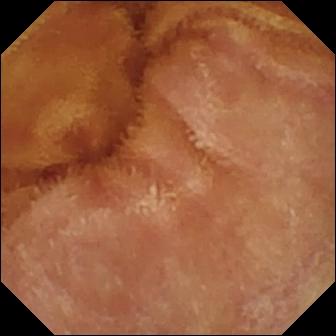Q: What does this small-bowel capsule endoscopy snapshot show?
A: Normal clean mucosa.